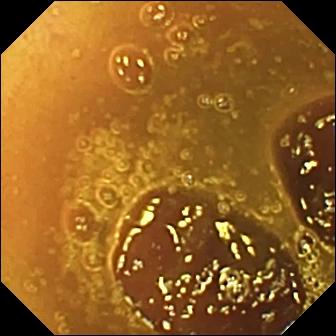Q: What does this VCE snapshot of the small bowel show?
A: Normal clean mucosa.